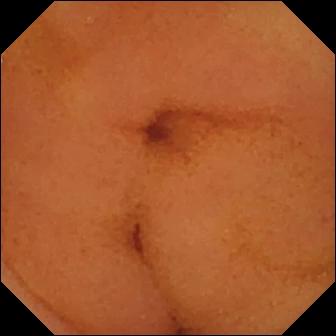VCE. Luminal finding. Label: normal clean mucosa.